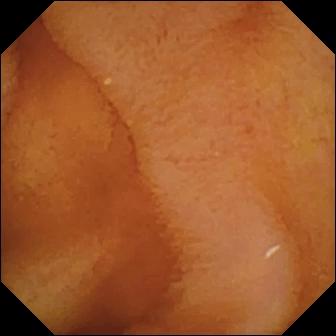Capsule endoscopy — normal clean mucosa.